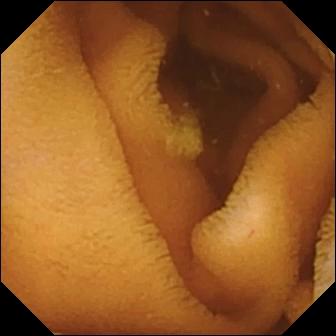Normal clean mucosa — WCE view.